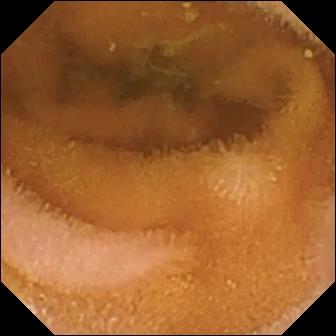Video capsule endoscopy still, 336×336. Normal clean mucosa.